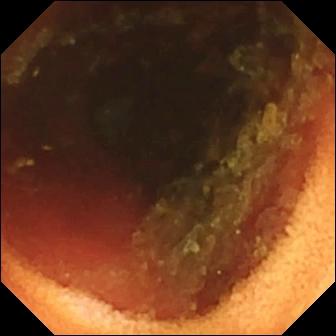modality: small-bowel capsule endoscopy | location: ileo-cecal valve region (the transition from the small bowel to the large bowel)